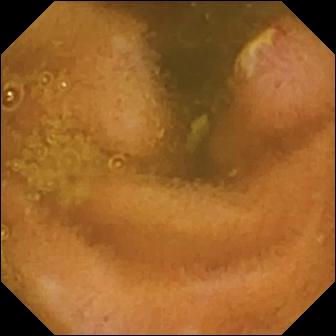Ulcer.